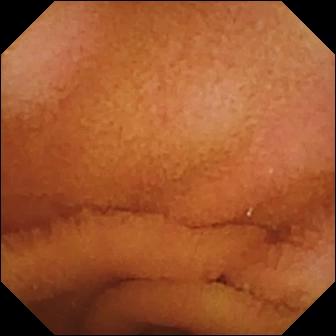Capsule endoscopy. Luminal finding. Impression: normal clean mucosa.